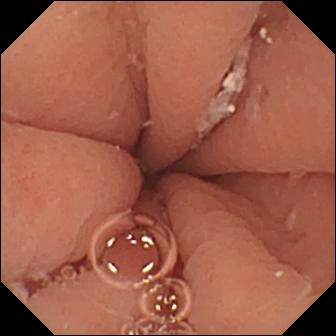modality: WCE
video segment: pylorus region